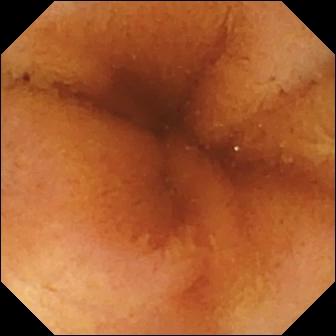WCE. Small bowel. Label: normal clean mucosa.